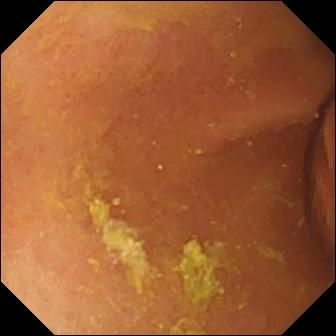VCE still
Finding: foreign body (e.g. retained capsule, tablet residue)